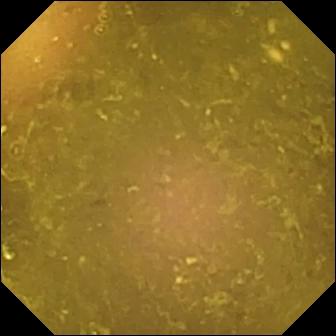Reduced mucosal view (content or bubbles obscuring the mucosa) — video capsule endoscopy image of the small bowel.